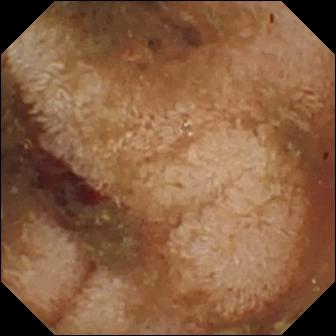WCE image
Label: fresh blood in the lumen